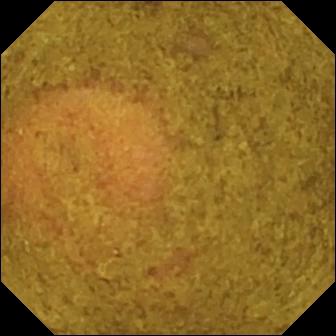Ileo-cecal valve region — VCE frame.